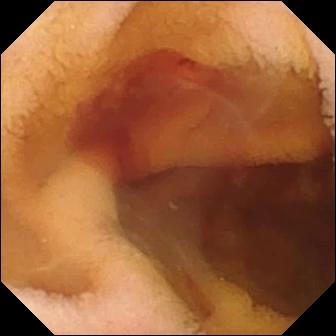PROCEDURE: Wireless capsule endoscopy.
FINDINGS: Fresh blood in the lumen.